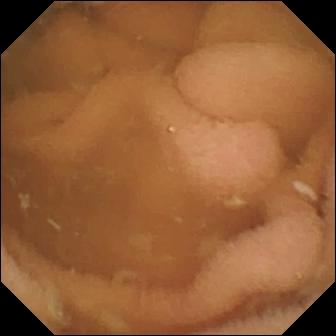- modality: WCE
- segment: small bowel
- finding: normal clean mucosa